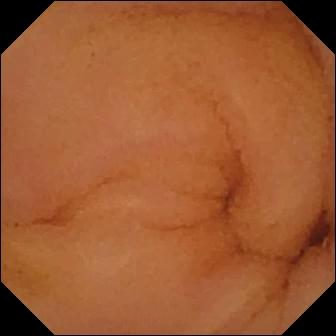WCE — normal clean mucosa.